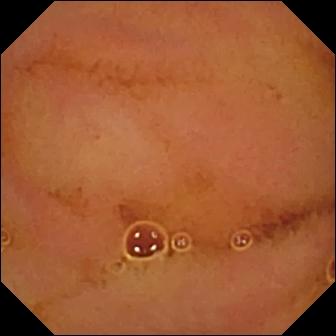{"modality": "wireless capsule endoscopy", "segment": "small intestine", "finding": "normal clean mucosa"}